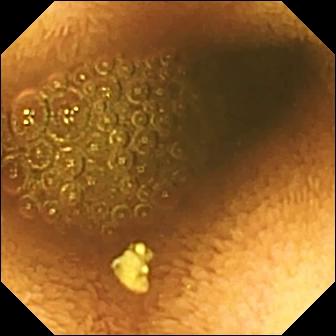PROCEDURE: Capsule endoscopy.
FINDINGS: Reduced mucosal view (content or bubbles obscuring the mucosa).